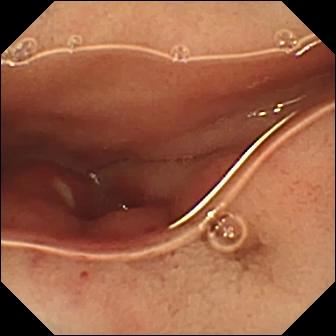PROCEDURE: Capsule endoscopy.
FINDINGS: Ulcer.